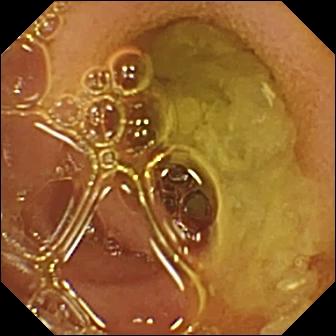- modality: video capsule endoscopy
- segment: small intestine
- finding: normal clean mucosa